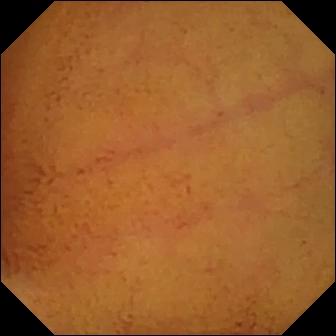Normal clean mucosa — capsule endoscopy frame.